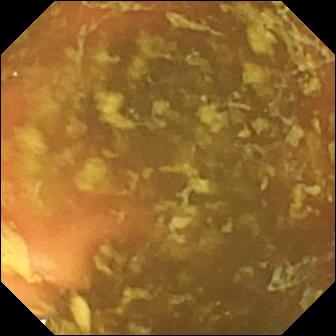Small-bowel capsule endoscopy still
Location: ileo-cecal valve region (where the capsule passes from the small bowel into the large bowel)